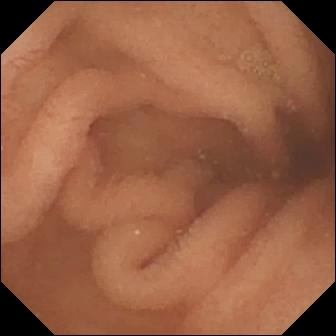Capsule endoscopy. Finding: normal clean mucosa.